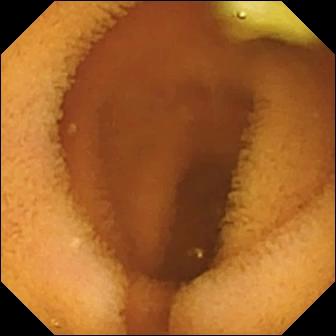Video capsule endoscopy frame showing normal clean mucosa.